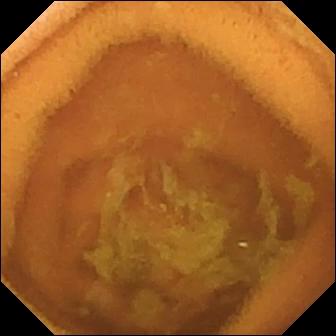This small-bowel capsule endoscopy still of the small intestine shows normal clean mucosa.